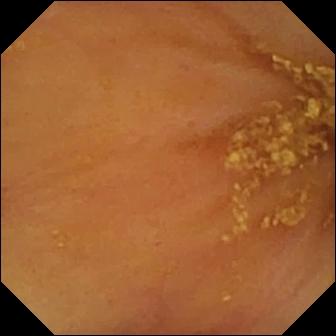Capsule endoscopy image taken in the ileo-cecal valve region.